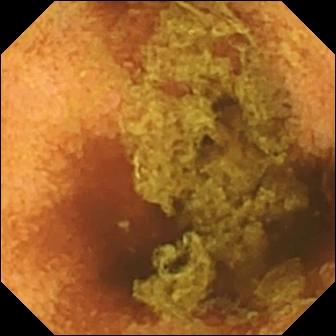WCE. Label: normal clean mucosa.